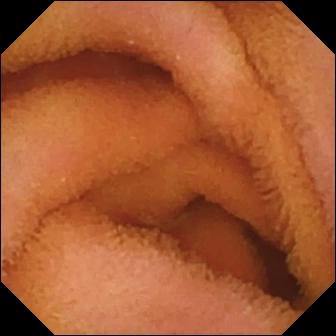VCE snapshot (small bowel). Normal clean mucosa.